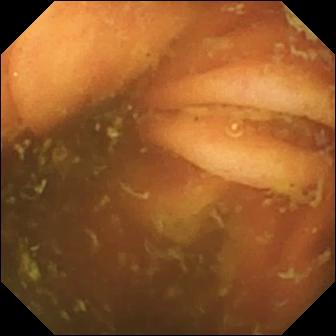- modality: WCE
- label: ileo-cecal valve region